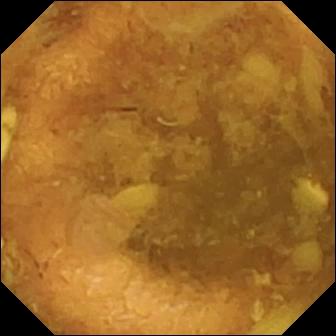VCE still showing reduced mucosal view (content or bubbles obscuring the mucosa).